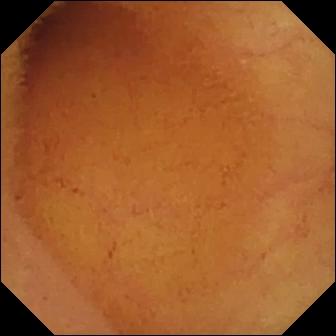This VCE still of the small intestine shows normal clean mucosa.